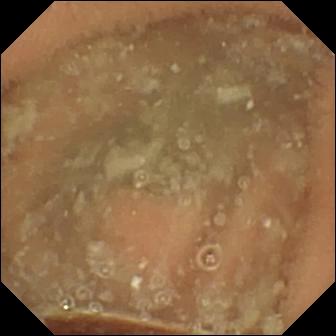{"modality": "capsule endoscopy", "segment": "small bowel", "finding": "normal clean mucosa"}